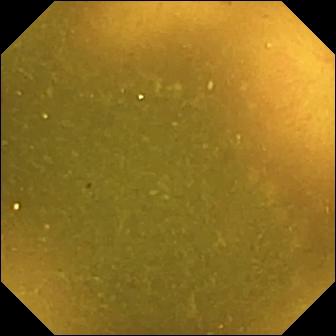This wireless capsule endoscopy snapshot was taken in the ileo-cecal valve region (where the capsule passes from the small bowel into the large bowel).